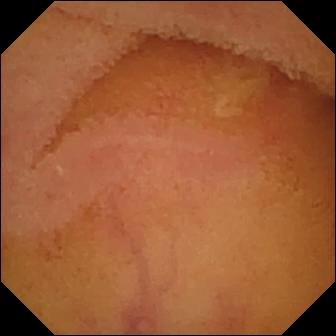Video capsule endoscopy still of the small bowel showing normal clean mucosa.